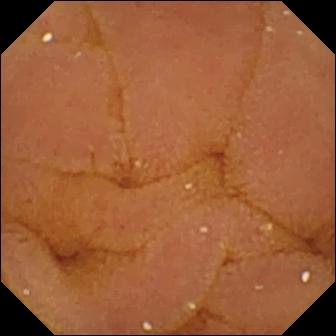- modality: small-bowel capsule endoscopy
- segment: small intestine
- observation: normal clean mucosa